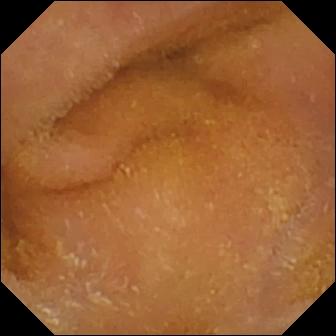- modality: wireless capsule endoscopy
- category: luminal finding
- observation: normal clean mucosa